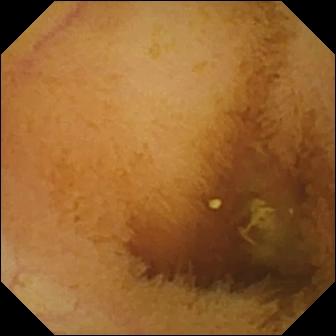WCE still (small intestine). Normal clean mucosa.